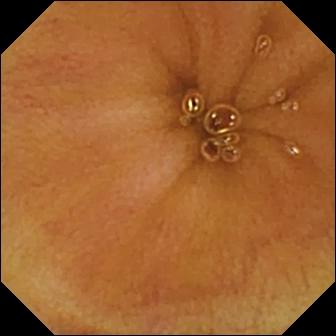PROCEDURE: Wireless capsule endoscopy.
SEGMENT: Small bowel.
FINDINGS: Normal clean mucosa.